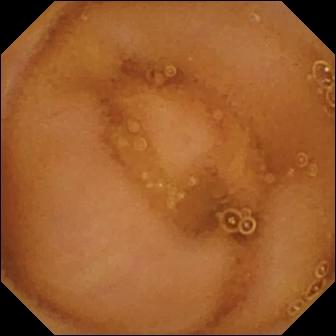Small-bowel capsule endoscopy frame. Normal clean mucosa.